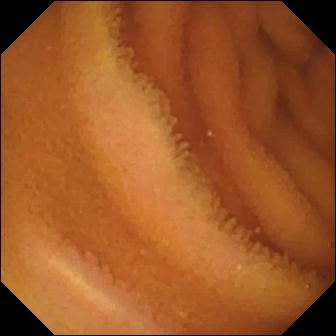Video capsule endoscopy image, small bowel
Observation: normal clean mucosa